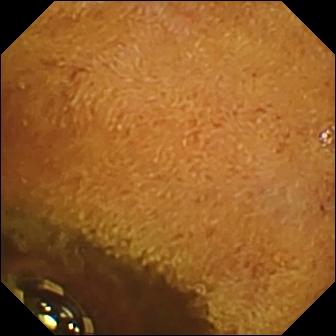Foreign body (e.g. retained capsule, tablet residue) (336×336).